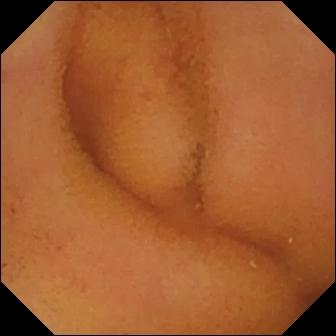Small-bowel capsule endoscopy — normal clean mucosa.